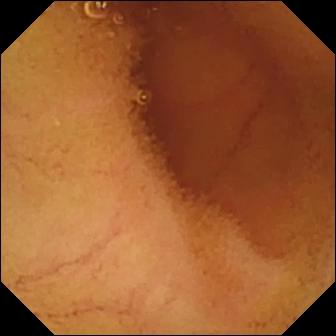Small-bowel capsule endoscopy — normal clean mucosa.